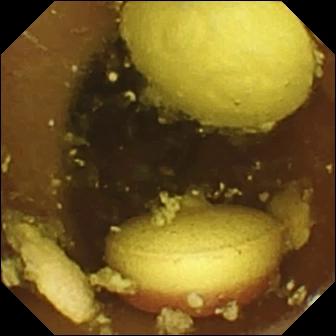Foreign body (e.g. retained capsule, tablet residue).